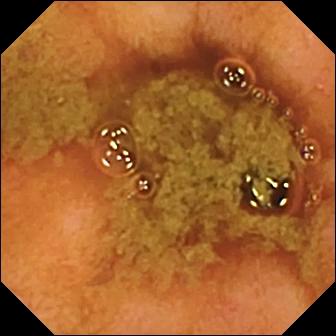Q: Where in the digestive tract was this WCE snapshot taken?
A: Ileo-cecal valve region.